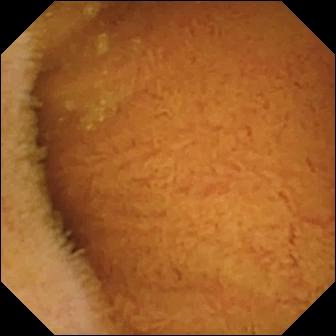VCE snapshot, 336×336. Normal clean mucosa.